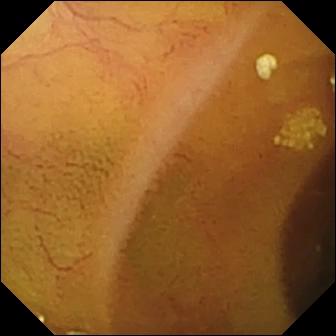modality: small-bowel capsule endoscopy
impression: lymphangiectasia